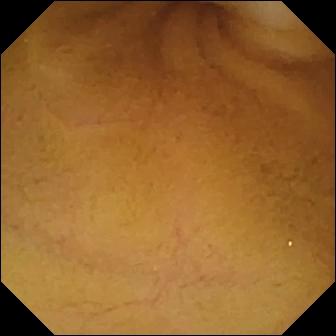This VCE still shows normal clean mucosa.